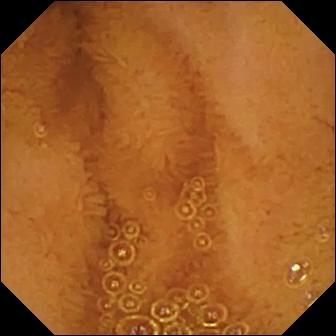Video capsule endoscopy still (small intestine). Normal clean mucosa.